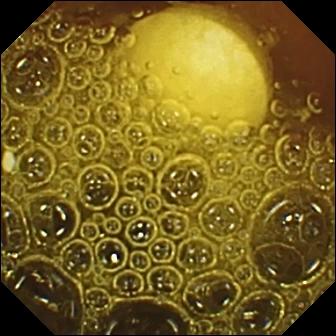Foreign body (e.g. retained capsule, tablet residue) — VCE still.